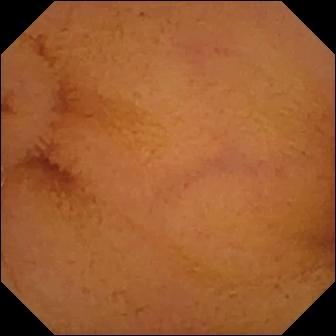{"modality": "video capsule endoscopy", "category": "luminal finding", "finding": "normal clean mucosa"}